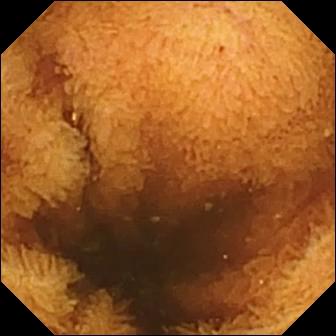Normal clean mucosa — small-bowel capsule endoscopy frame.